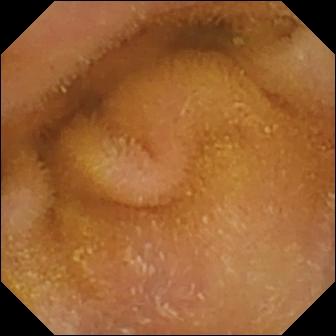VCE snapshot, small intestine
Label: normal clean mucosa